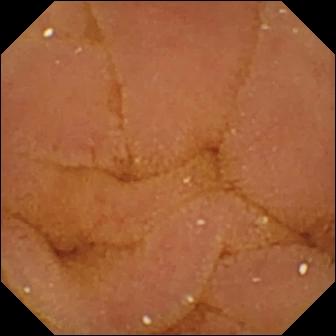Q: What does this capsule endoscopy snapshot of the small bowel show?
A: Normal clean mucosa.